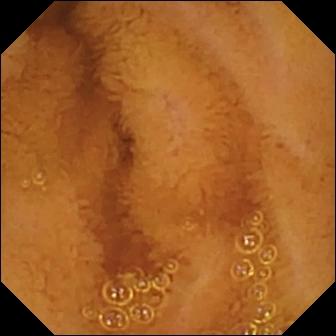WCE snapshot, small intestine
Label: normal clean mucosa